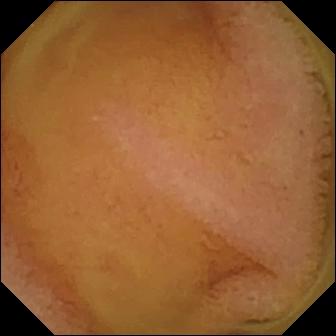Capsule endoscopy — normal clean mucosa.